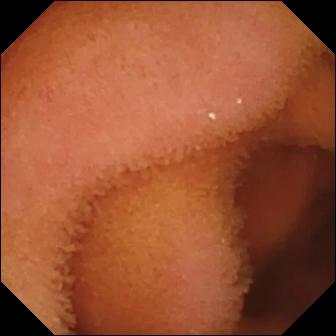VCE snapshot, small intestine
Impression: normal clean mucosa